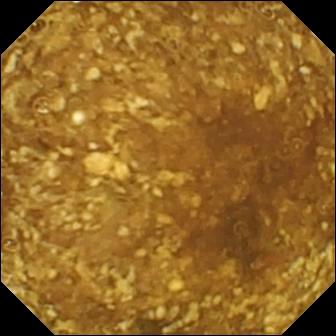- modality: small-bowel capsule endoscopy
- finding: reduced mucosal view (content or bubbles obscuring the mucosa)